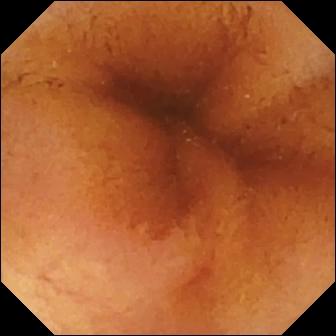PROCEDURE: WCE.
SEGMENT: Small bowel.
FINDINGS: Normal clean mucosa.